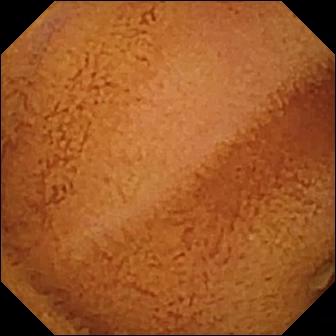Capsule endoscopy still
Label: normal clean mucosa